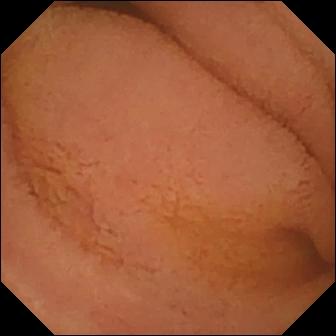VCE — normal clean mucosa.